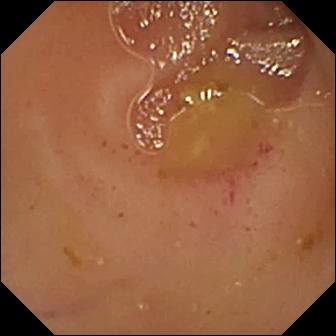Video capsule endoscopy image
Impression: erythema (mucosal redness)